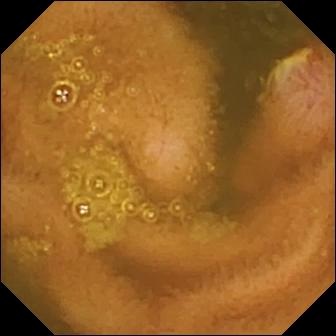- modality: capsule endoscopy
- observation: ulcer